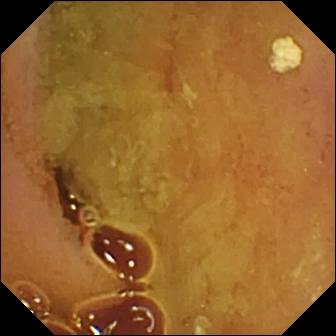PROCEDURE: Capsule endoscopy.
SEGMENT: Small intestine.
FINDINGS: Normal clean mucosa.